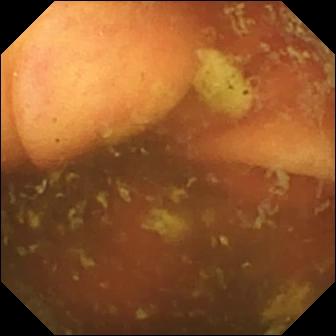- modality: capsule endoscopy
- position: ileo-cecal valve region